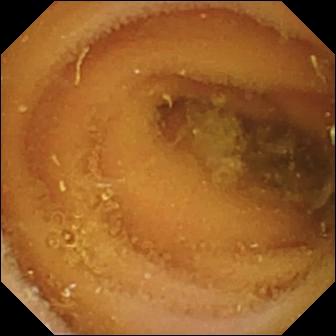Wireless capsule endoscopy still
Finding: normal clean mucosa